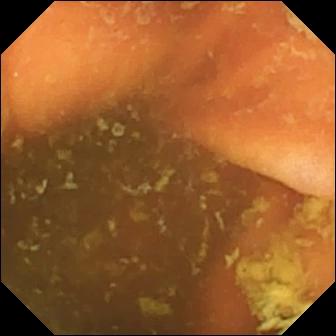Q: Where in the digestive tract was this wireless capsule endoscopy view taken?
A: Ileo-cecal valve region (the transition from the small bowel to the large bowel).